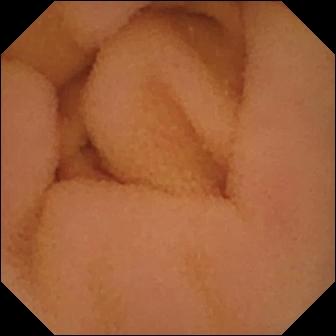Normal clean mucosa — WCE frame.